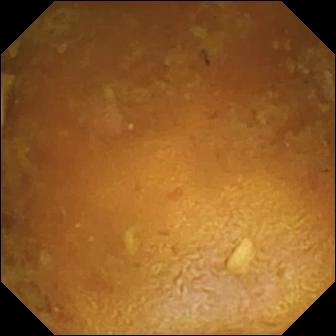modality: VCE | segment: small bowel | category: luminal finding | impression: reduced mucosal view (content or bubbles obscuring the mucosa)